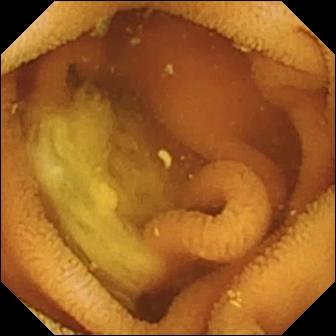Normal clean mucosa — wireless capsule endoscopy image.